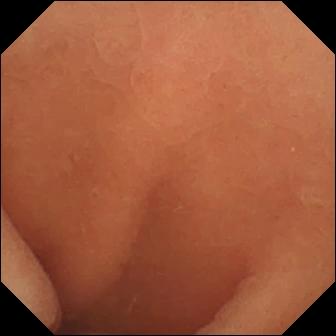Small-bowel capsule endoscopy still showing normal clean mucosa.